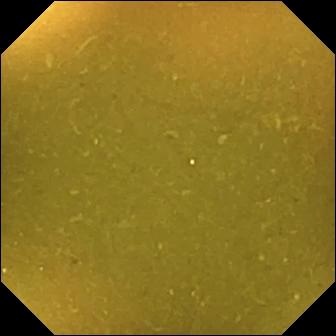{"modality": "WCE", "video_segment": "ileo-cecal valve region (the transition from the small bowel to the large bowel)"}